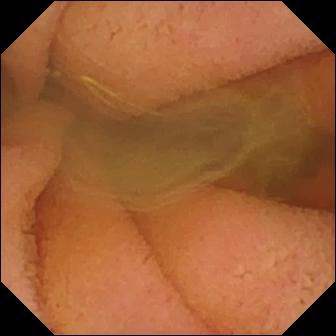VCE snapshot
Label: normal clean mucosa